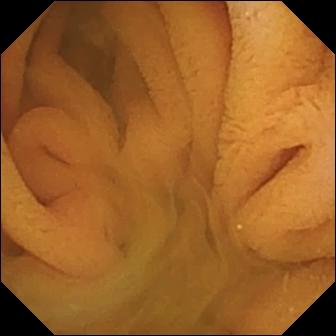Video capsule endoscopy image showing normal clean mucosa.